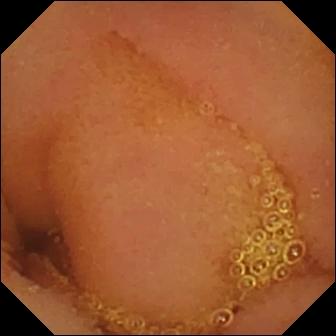PROCEDURE: Video capsule endoscopy.
SEGMENT: Small bowel.
FINDINGS: Normal clean mucosa.